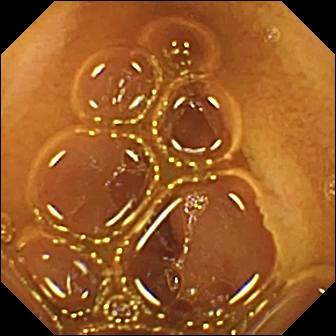Q: What does this VCE frame show?
A: Normal clean mucosa.